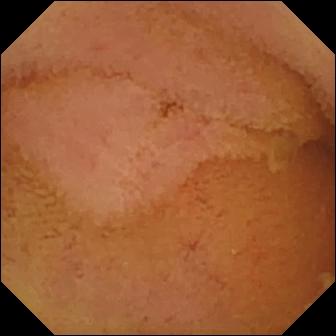Capsule endoscopy snapshot, small bowel
Impression: normal clean mucosa